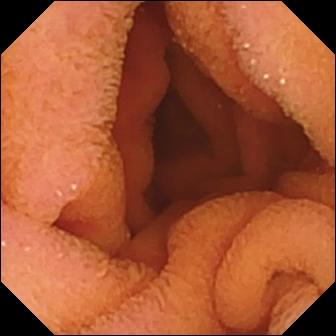Normal clean mucosa — WCE view.